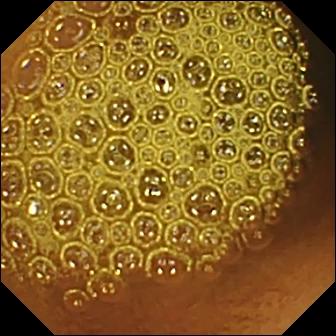WCE image (small bowel). Reduced mucosal view (content or bubbles obscuring the mucosa).